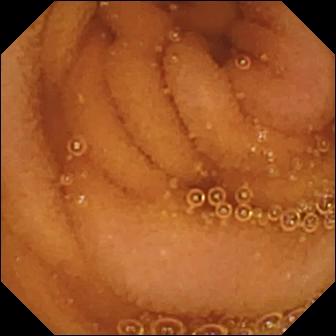modality: video capsule endoscopy; segment: small bowel; category: luminal finding; label: normal clean mucosa